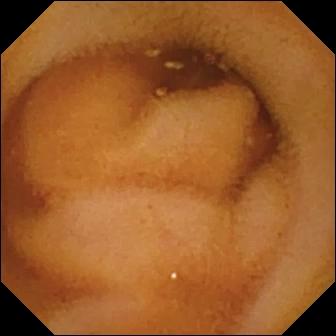- modality: wireless capsule endoscopy
- finding: normal clean mucosa